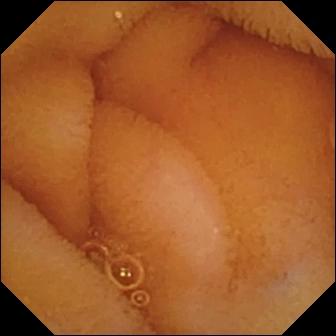modality: wireless capsule endoscopy | segment: small bowel | category: luminal finding | impression: normal clean mucosa